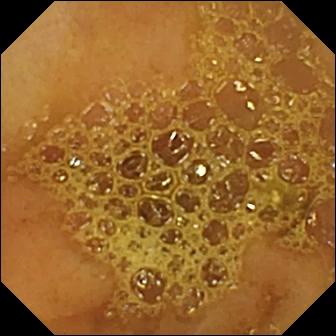PROCEDURE: Wireless capsule endoscopy.
POSITION: Ileo-cecal valve region.